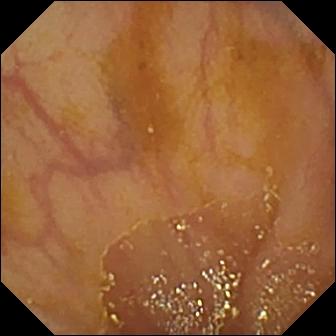WCE view taken in the ileo-cecal valve region (where the capsule passes from the small bowel into the large bowel).